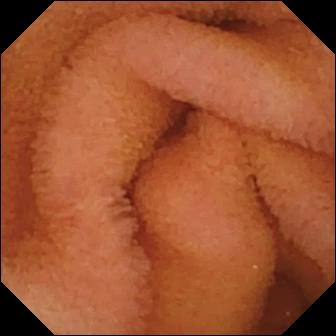VCE — normal clean mucosa.